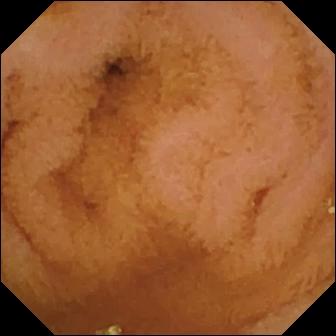Q: What does this capsule endoscopy frame show?
A: Normal clean mucosa.